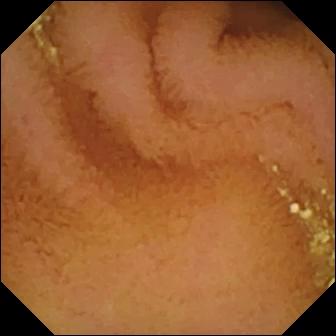VCE snapshot
Label: normal clean mucosa